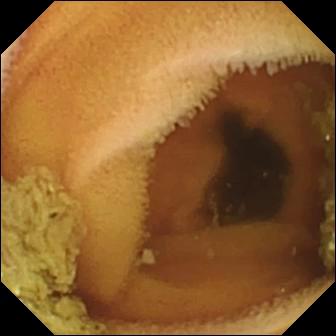WCE frame (small intestine). Normal clean mucosa.